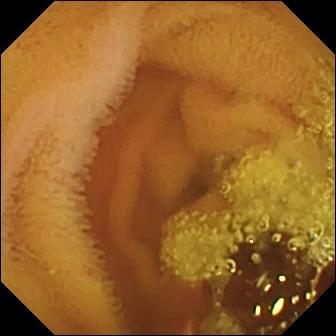Capsule endoscopy image (small bowel). Normal clean mucosa.